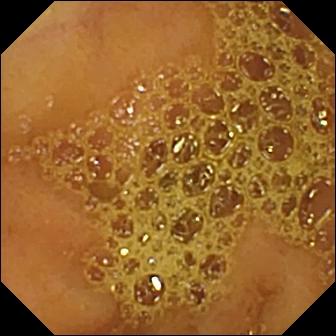WCE still. Taken in the ileo-cecal valve region (the transition from the small bowel to the large bowel).